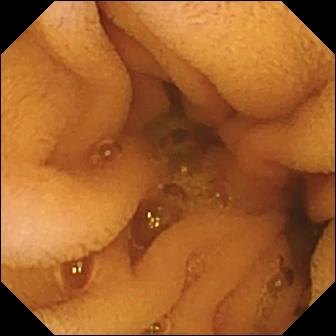Video capsule endoscopy. Impression: normal clean mucosa.